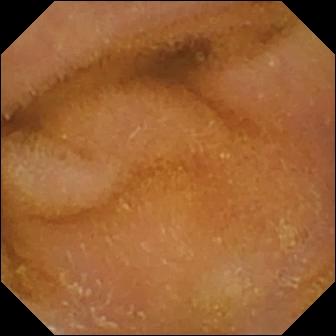This WCE still shows normal clean mucosa.